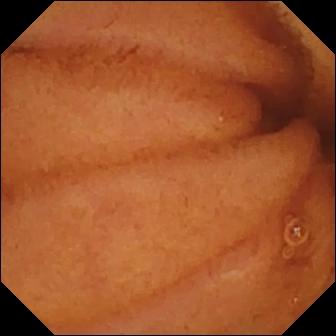Capsule endoscopy snapshot showing normal clean mucosa.